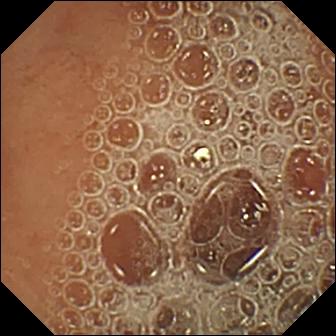PROCEDURE: WCE.
FINDINGS: Normal clean mucosa.